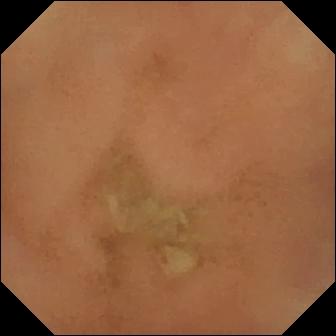modality: capsule endoscopy; observation: normal clean mucosa